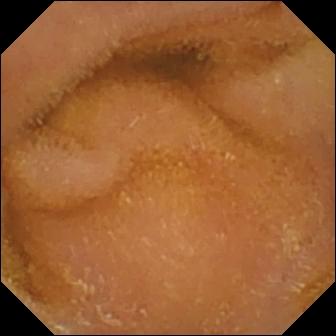{"modality": "capsule endoscopy", "segment": "small intestine", "finding": "normal clean mucosa"}